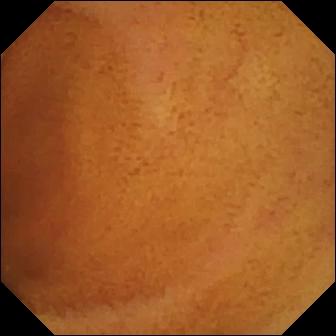This small-bowel capsule endoscopy view of the small intestine shows normal clean mucosa.